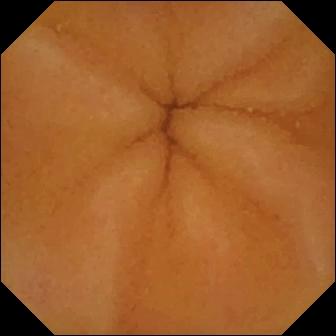Q: What does this VCE still show?
A: Normal clean mucosa.